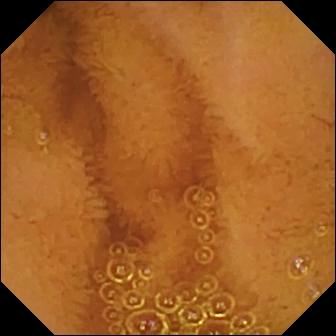VCE image
Observation: normal clean mucosa